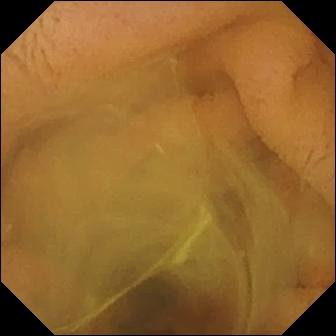Q: What does this WCE frame show?
A: Normal clean mucosa.